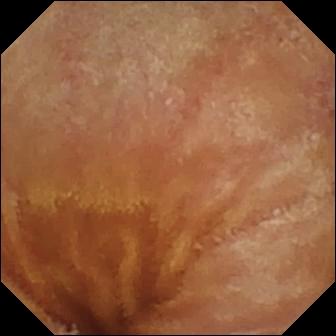Wireless capsule endoscopy still, small bowel
Label: normal clean mucosa